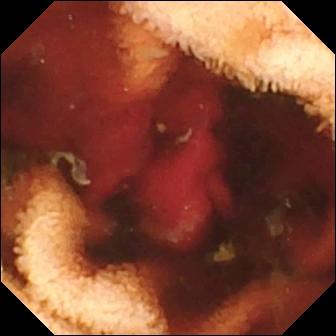modality: WCE; category: luminal finding; label: fresh blood in the lumen